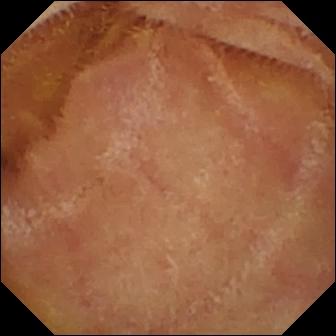Video capsule endoscopy — normal clean mucosa.